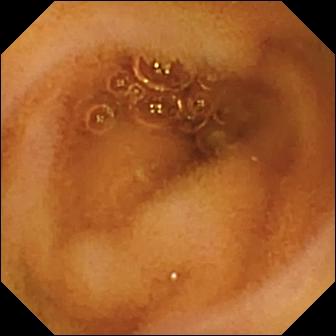VCE frame (small bowel). Normal clean mucosa.